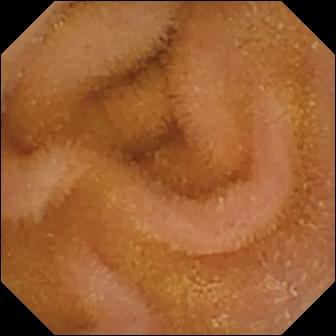Wireless capsule endoscopy. Label: normal clean mucosa.